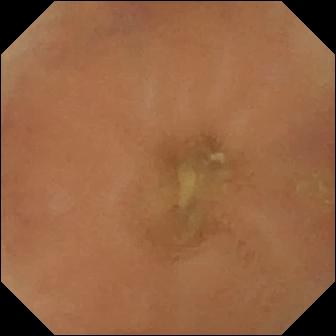WCE — normal clean mucosa.